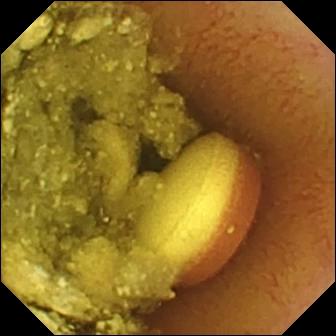Video capsule endoscopy — foreign body (e.g. retained capsule, tablet residue).